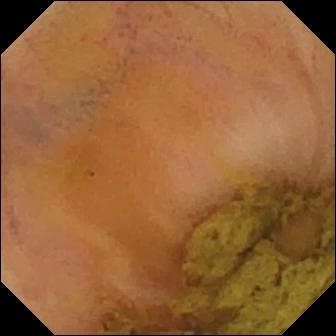- modality: capsule endoscopy
- position: ileo-cecal valve region (the transition from the small bowel to the large bowel)